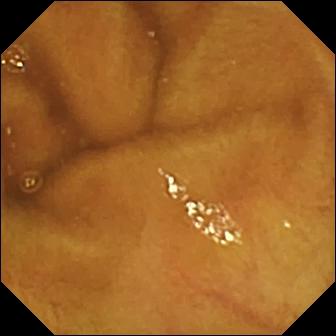PROCEDURE: Wireless capsule endoscopy.
FINDINGS: Normal clean mucosa.